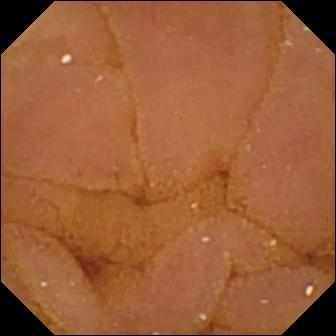Normal clean mucosa — small-bowel capsule endoscopy snapshot.